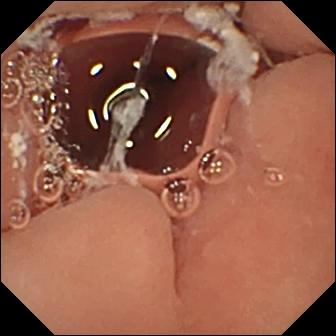PROCEDURE: Wireless capsule endoscopy.
LABEL: Pylorus region (where the capsule passes from the stomach into the small bowel).